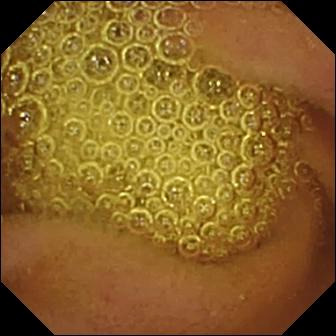PROCEDURE: Wireless capsule endoscopy.
SEGMENT: Small intestine.
FINDINGS: Normal clean mucosa.